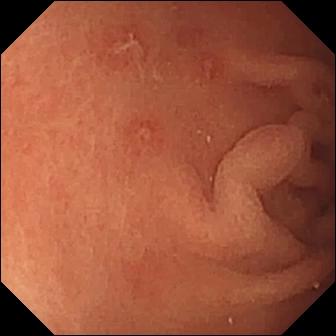This small-bowel capsule endoscopy image shows erosion.